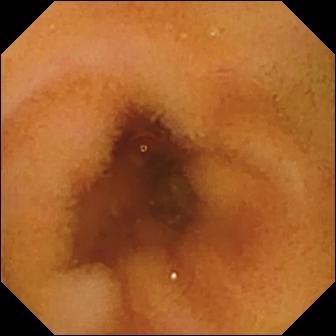Q: What does this small-bowel capsule endoscopy frame of the small bowel show?
A: Normal clean mucosa.